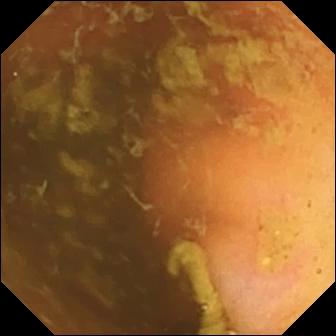Ileo-cecal valve region (the transition from the small bowel to the large bowel).